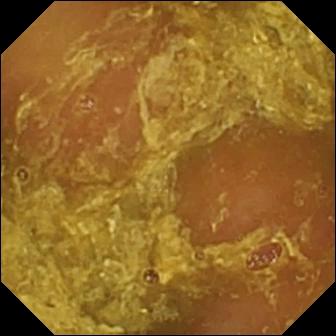Reduced mucosal view (content or bubbles obscuring the mucosa) — wireless capsule endoscopy still.